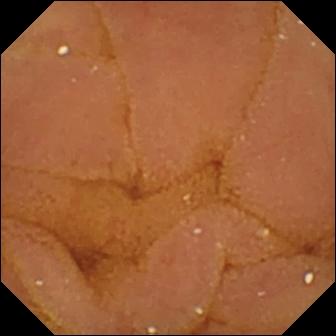Capsule endoscopy. Small bowel. Observation: normal clean mucosa.